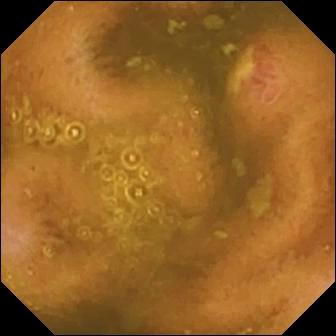Capsule endoscopy. Observation: ulcer.